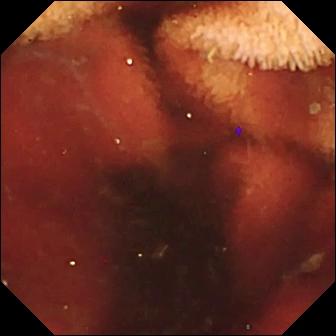VCE snapshot
Label: fresh blood in the lumen